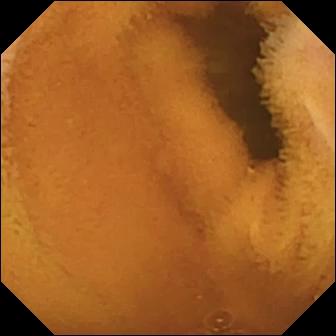PROCEDURE: VCE.
FINDINGS: Normal clean mucosa.